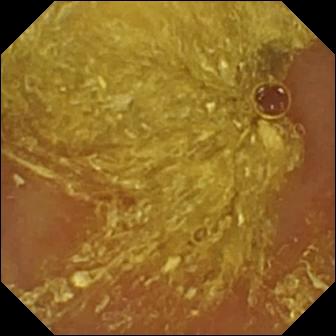Reduced mucosal view (content or bubbles obscuring the mucosa) — WCE frame.